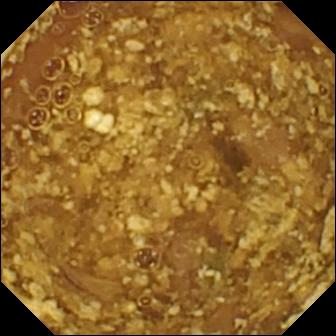Q: What does this small-bowel capsule endoscopy still of the small bowel show?
A: Reduced mucosal view (content or bubbles obscuring the mucosa).